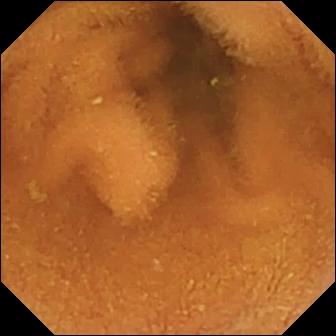Normal clean mucosa.